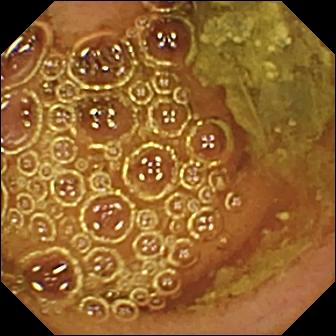- modality: wireless capsule endoscopy
- impression: normal clean mucosa